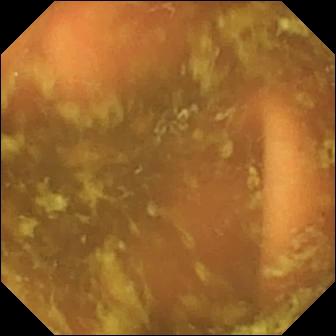Video capsule endoscopy still. Taken in the ileo-cecal valve region (where the capsule passes from the small bowel into the large bowel).